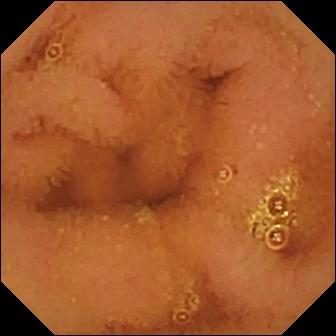Capsule endoscopy still showing normal clean mucosa.